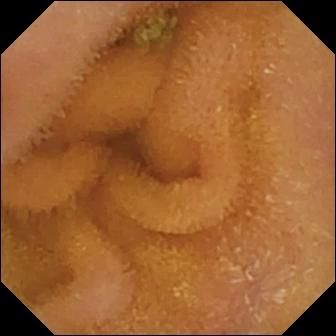- modality: wireless capsule endoscopy
- observation: normal clean mucosa